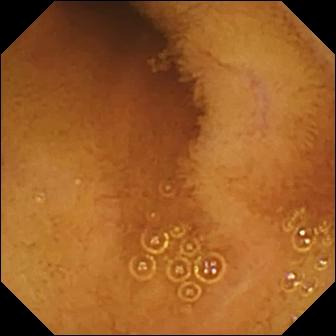- modality: wireless capsule endoscopy
- segment: small intestine
- category: luminal finding
- observation: normal clean mucosa